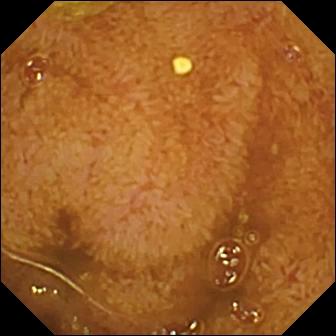Wireless capsule endoscopy image, 336×336. Taken in the ileo-cecal valve region.